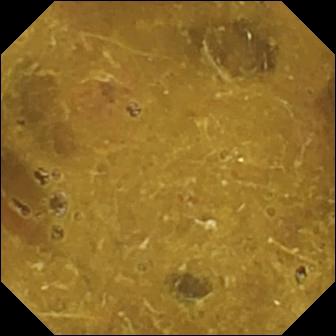Q: Where in the digestive tract was this wireless capsule endoscopy view taken?
A: Ileo-cecal valve region (the transition from the small bowel to the large bowel).